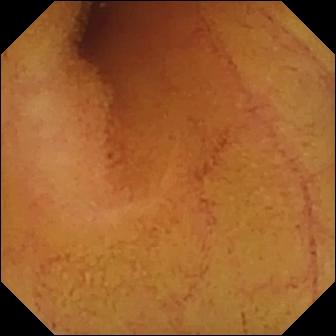Normal clean mucosa — small-bowel capsule endoscopy still of the small bowel.